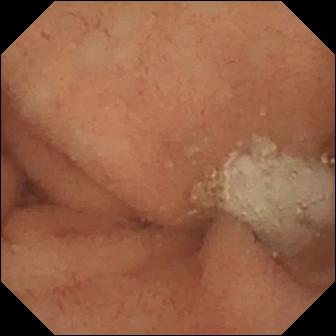modality: WCE
segment: small bowel
category: luminal finding
finding: normal clean mucosa